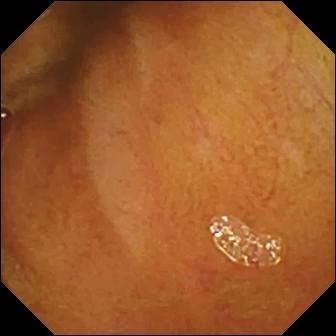WCE still. Normal clean mucosa.